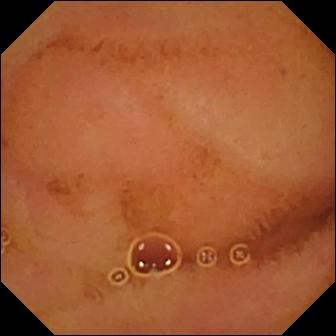modality: capsule endoscopy
segment: small bowel
category: luminal finding
observation: normal clean mucosa